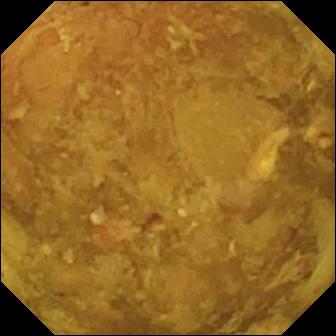Q: What does this video capsule endoscopy image of the small bowel show?
A: Reduced mucosal view (content or bubbles obscuring the mucosa).